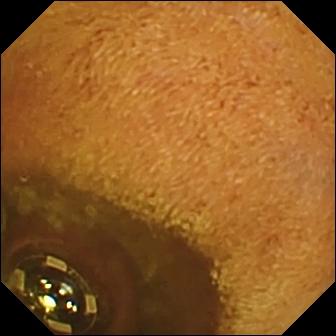modality: capsule endoscopy | category: luminal finding | observation: foreign body (e.g. retained capsule, tablet residue)